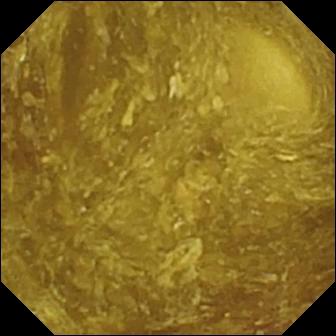Small-bowel capsule endoscopy still. Reduced mucosal view (content or bubbles obscuring the mucosa).